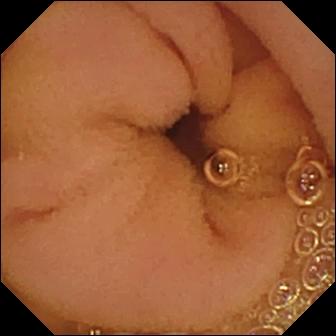Normal clean mucosa — video capsule endoscopy image of the small bowel.